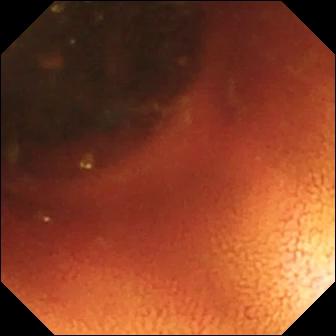Wireless capsule endoscopy. Location: ileo-cecal valve region (where the capsule passes from the small bowel into the large bowel).